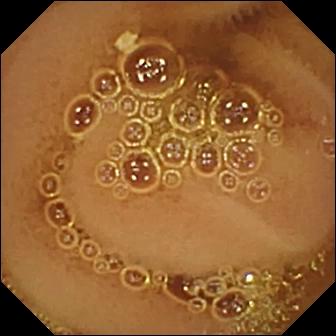{"modality": "WCE", "segment": "small intestine", "finding": "normal clean mucosa"}